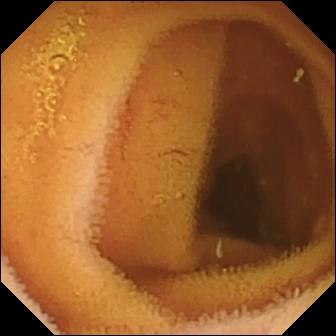VCE still showing normal clean mucosa.